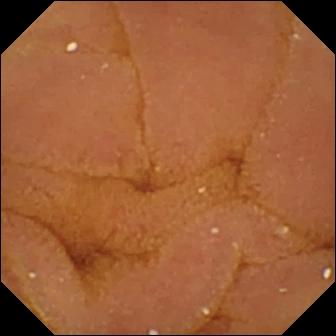This capsule endoscopy view shows normal clean mucosa.